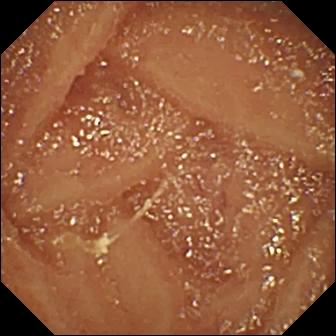Normal clean mucosa — small-bowel capsule endoscopy still.